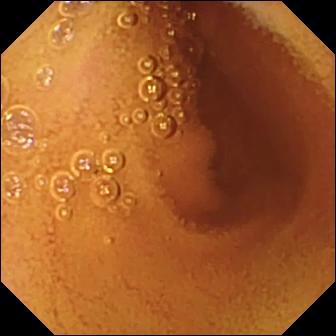Normal clean mucosa.